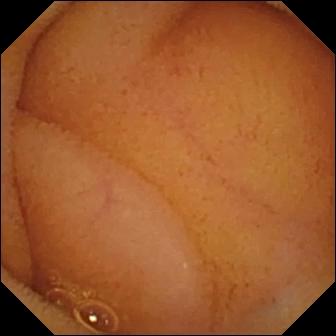VCE. Label: normal clean mucosa.